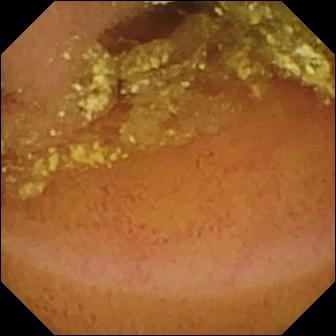Normal clean mucosa — capsule endoscopy image.